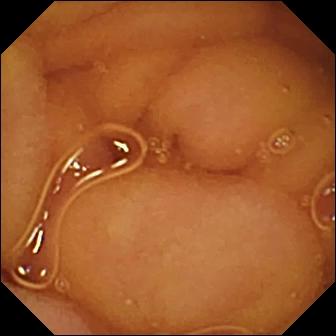Normal clean mucosa.